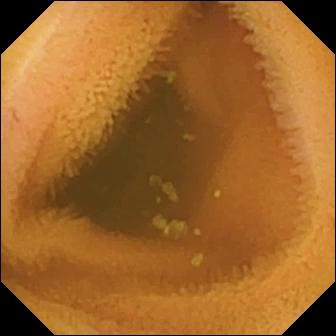Normal clean mucosa (336×336).